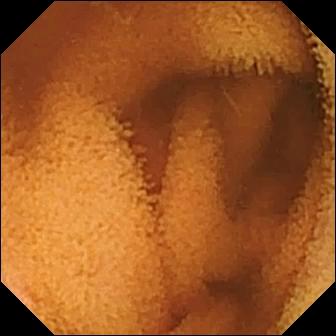Q: What does this WCE image of the small intestine show?
A: Normal clean mucosa.